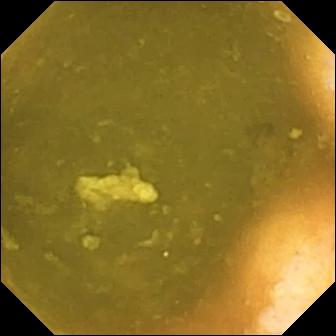{"modality": "VCE", "position": "ileo-cecal valve region (the transition from the small bowel to the large bowel)"}